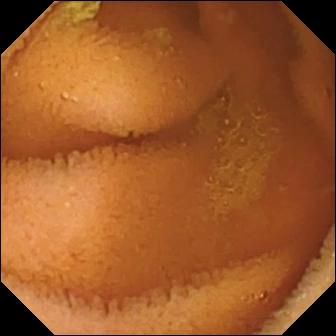Small-bowel capsule endoscopy. Small intestine. Luminal finding. Observation: normal clean mucosa.